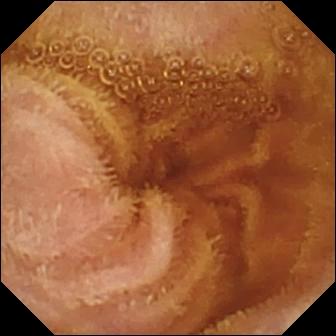Normal clean mucosa.